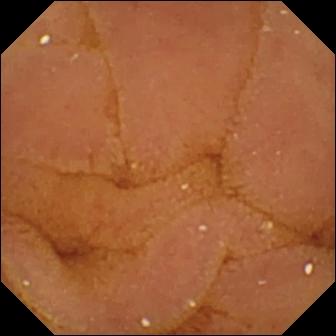Normal clean mucosa (336×336).